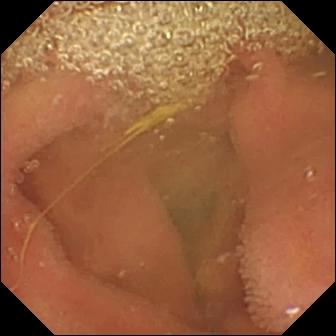This capsule endoscopy frame shows lymphangiectasia.